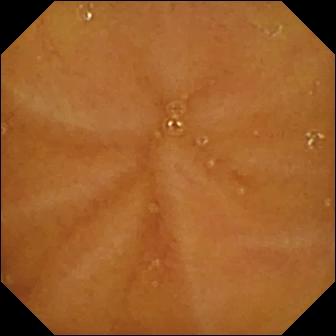Wireless capsule endoscopy — normal clean mucosa.